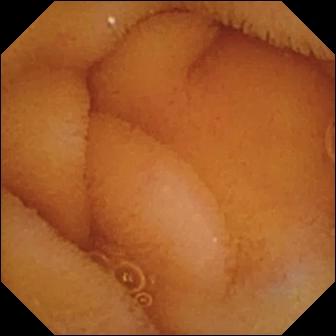Capsule endoscopy — normal clean mucosa.